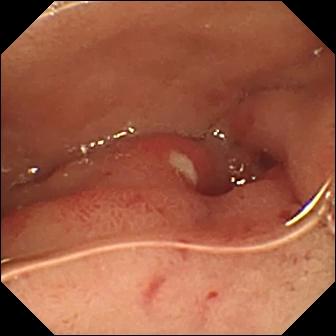Ulcer — WCE view.